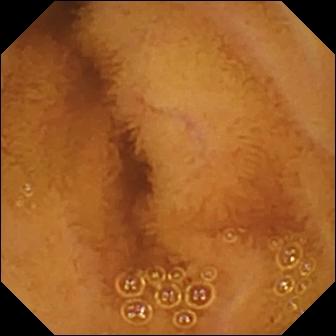{"modality": "WCE", "segment": "small intestine", "finding": "normal clean mucosa"}